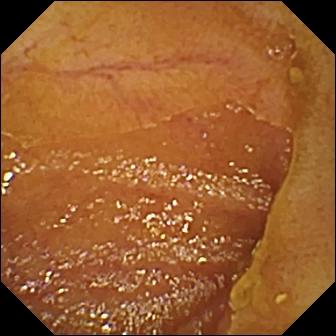Q: Where in the digestive tract was this capsule endoscopy still taken?
A: Ileo-cecal valve region.